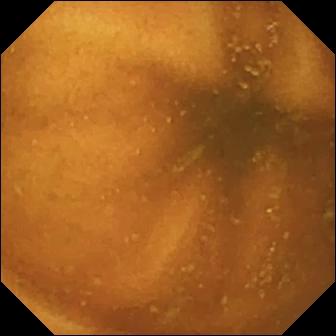PROCEDURE: WCE.
FINDINGS: Normal clean mucosa.